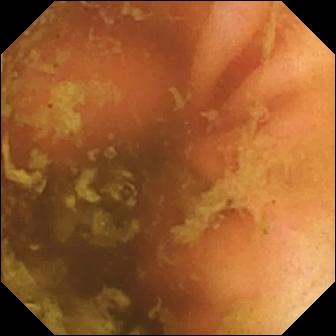- modality: capsule endoscopy
- label: ileo-cecal valve region (where the capsule passes from the small bowel into the large bowel)